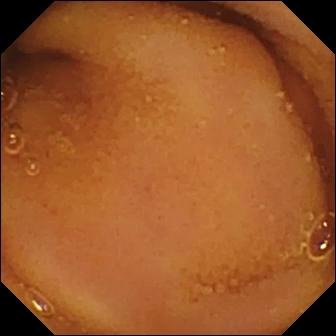VCE. Finding: normal clean mucosa.